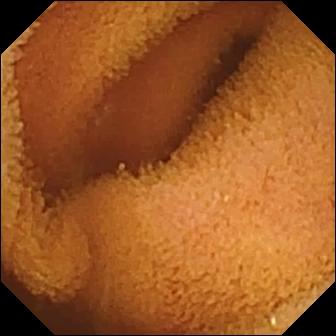WCE. Finding: normal clean mucosa.